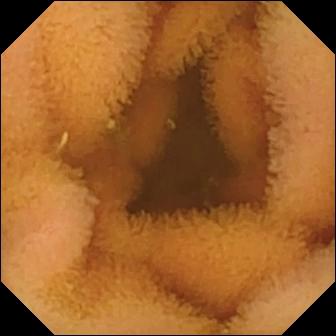Capsule endoscopy snapshot, 336×336. Normal clean mucosa.